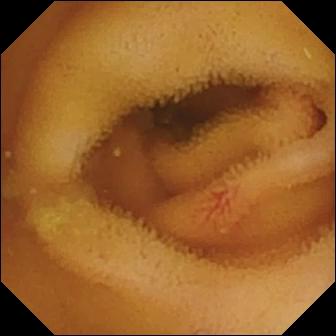WCE. Luminal finding. Observation: angiectasia.